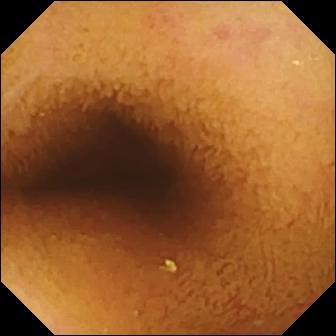{"modality": "capsule endoscopy", "segment": "small bowel", "finding": "normal clean mucosa"}